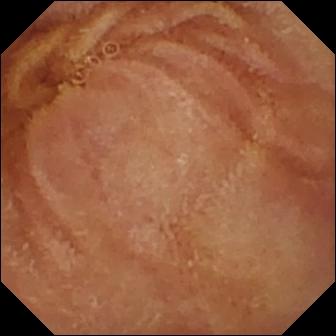This WCE snapshot of the small bowel shows normal clean mucosa.